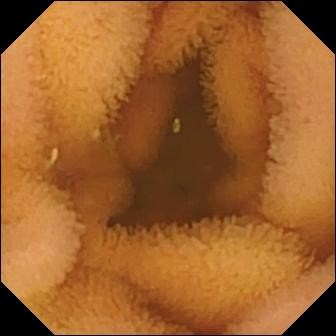{"modality": "wireless capsule endoscopy", "finding": "normal clean mucosa"}